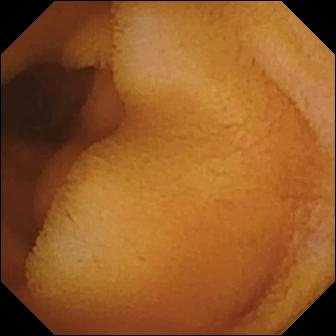Q: What does this small-bowel capsule endoscopy view of the small bowel show?
A: Normal clean mucosa.